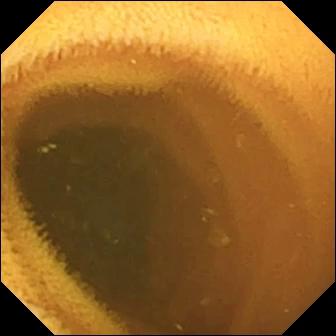Normal clean mucosa.